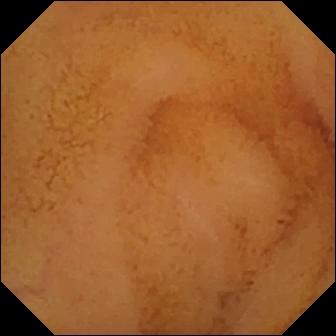WCE still, 336×336. Normal clean mucosa.